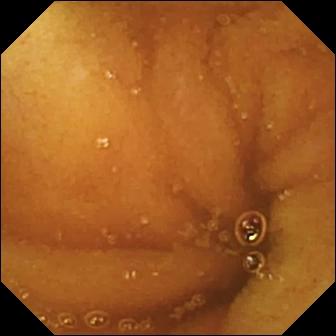Video capsule endoscopy snapshot
Impression: normal clean mucosa